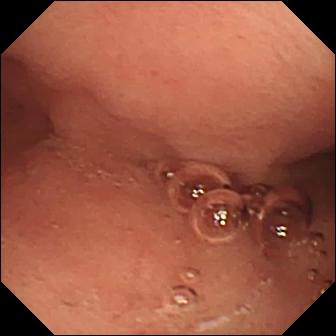Pylorus region.